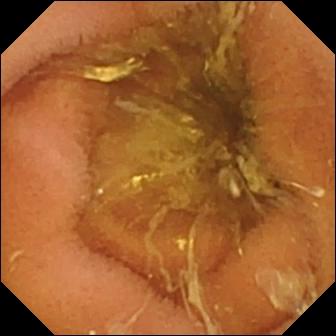- modality: WCE
- label: normal clean mucosa